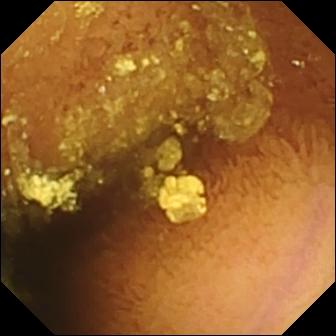Wireless capsule endoscopy. Small intestine. Observation: normal clean mucosa.